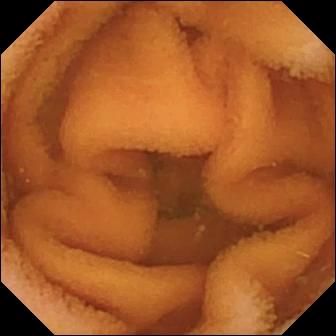Normal clean mucosa.